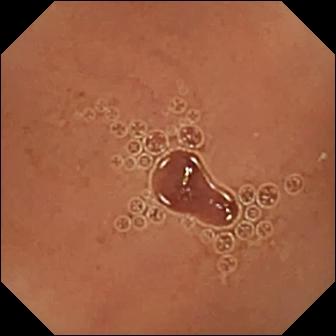Q: What does this WCE frame show?
A: Normal clean mucosa.